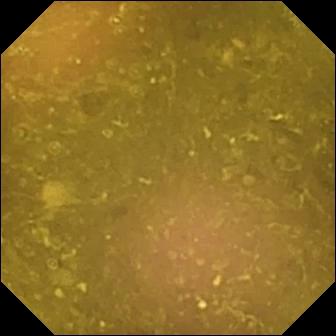{"modality": "video capsule endoscopy", "finding": "reduced mucosal view (content or bubbles obscuring the mucosa)"}